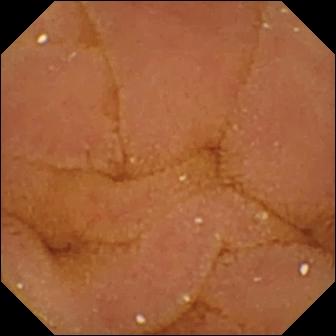- modality: WCE
- impression: normal clean mucosa